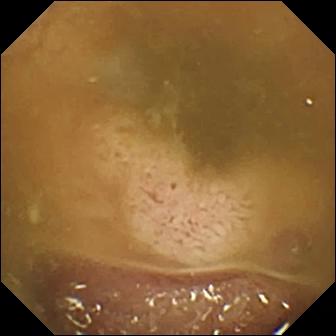WCE. Location: ileo-cecal valve region (where the capsule passes from the small bowel into the large bowel).